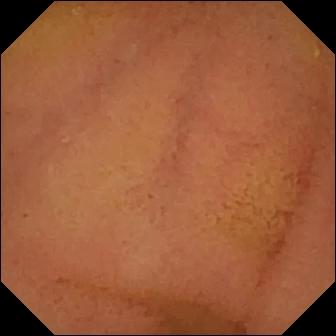modality: small-bowel capsule endoscopy
category: luminal finding
observation: normal clean mucosa